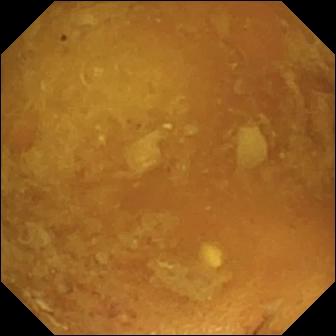WCE still of the small bowel showing reduced mucosal view (content or bubbles obscuring the mucosa).